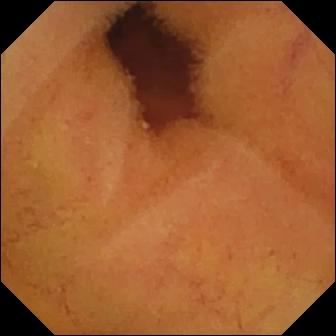Wireless capsule endoscopy. Luminal finding. Finding: normal clean mucosa.